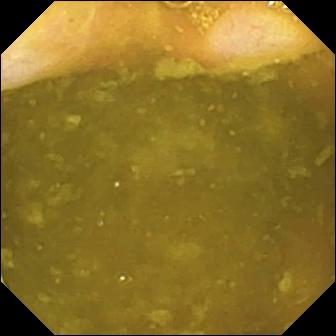{"modality": "VCE", "label": "ileo-cecal valve region (the transition from the small bowel to the large bowel)"}